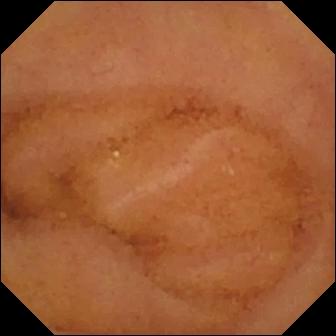- modality: WCE
- impression: normal clean mucosa